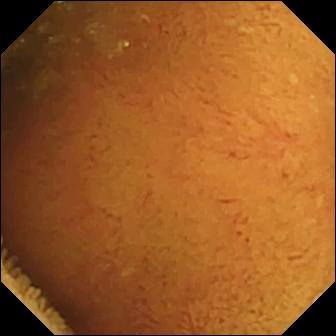Video capsule endoscopy. Finding: normal clean mucosa.